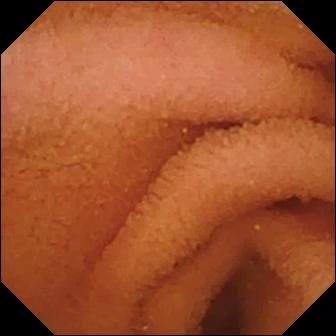This capsule endoscopy snapshot shows normal clean mucosa.